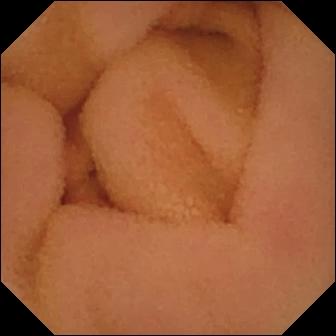Q: What does this small-bowel capsule endoscopy still show?
A: Normal clean mucosa.